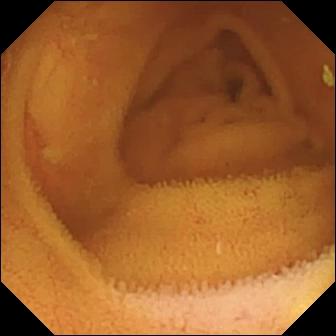WCE still, 336×336. Normal clean mucosa.